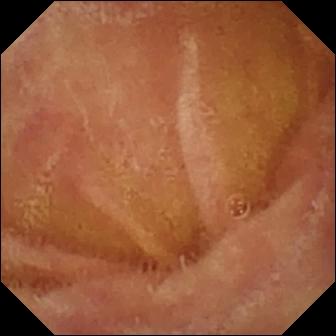Q: What does this capsule endoscopy view of the small intestine show?
A: Normal clean mucosa.